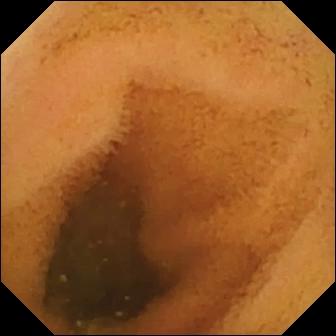Small-bowel capsule endoscopy still, small bowel
Finding: normal clean mucosa